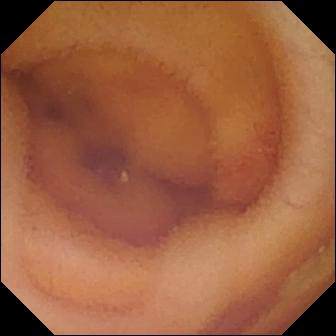Angiectasia.